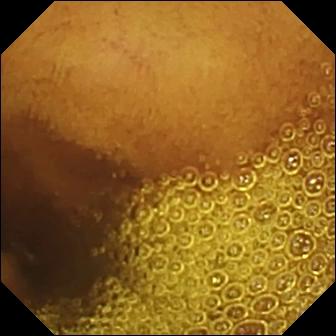PROCEDURE: Video capsule endoscopy.
FINDINGS: Normal clean mucosa.